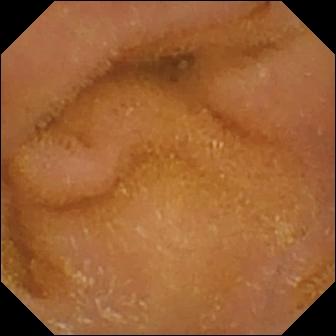This VCE frame of the small intestine shows normal clean mucosa.